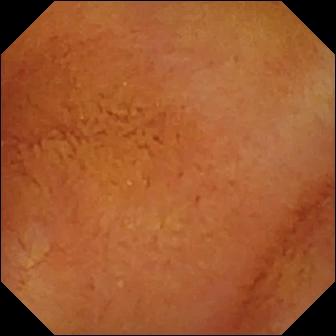Capsule endoscopy snapshot. Normal clean mucosa.